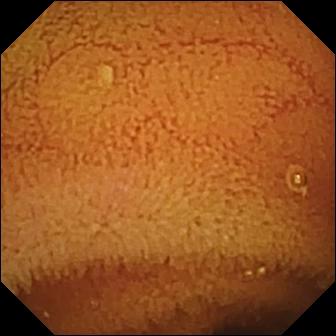Small-bowel capsule endoscopy — normal clean mucosa.